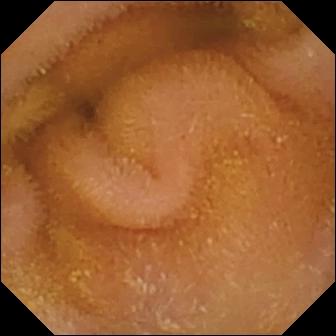This WCE image shows normal clean mucosa.